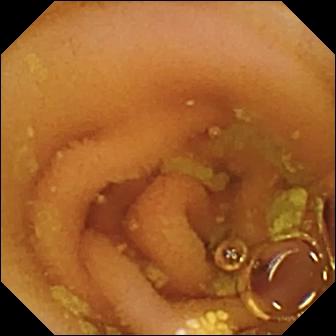Wireless capsule endoscopy snapshot
Label: lymphangiectasia